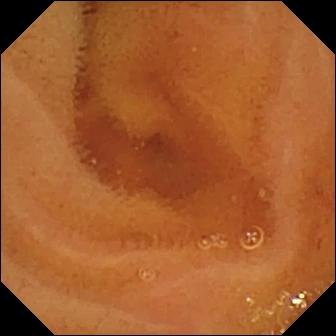Normal clean mucosa.